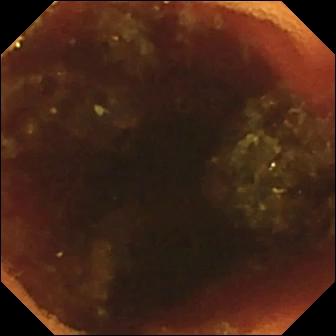Wireless capsule endoscopy snapshot. Taken in the ileo-cecal valve region (the transition from the small bowel to the large bowel).